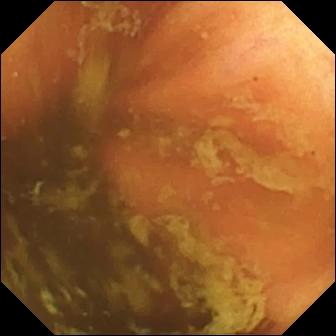modality: video capsule endoscopy; label: ileo-cecal valve region (the transition from the small bowel to the large bowel)